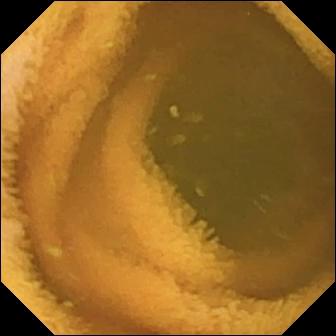VCE frame. Normal clean mucosa.